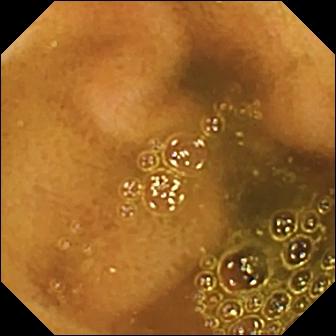VCE view, 336×336. Taken in the ileo-cecal valve region (where the capsule passes from the small bowel into the large bowel).